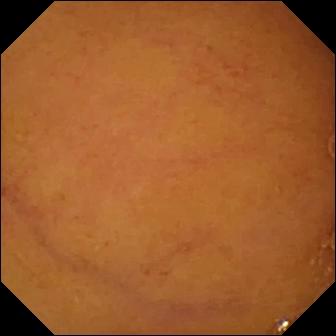WCE still showing normal clean mucosa.